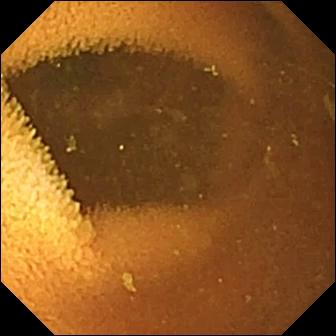Normal clean mucosa — wireless capsule endoscopy frame.